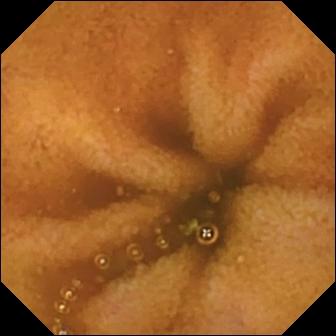VCE. Small bowel. Luminal finding. Finding: normal clean mucosa.